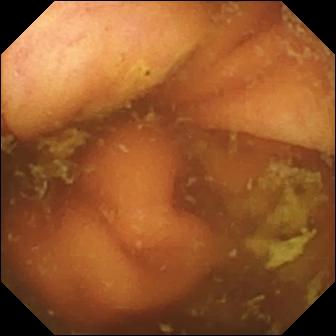PROCEDURE: Wireless capsule endoscopy.
POSITION: Ileo-cecal valve region (where the capsule passes from the small bowel into the large bowel).